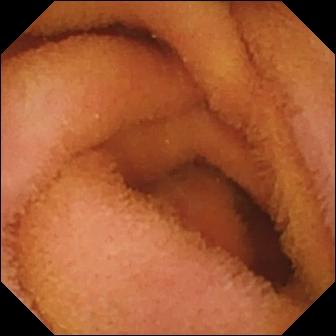Normal clean mucosa.